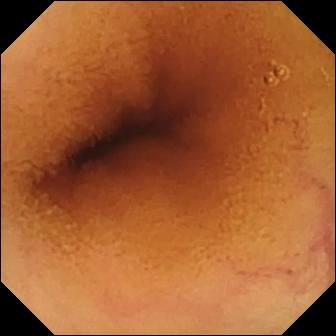Normal clean mucosa.